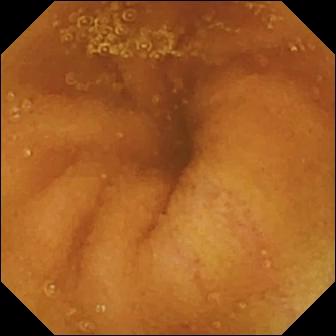{"modality": "small-bowel capsule endoscopy", "segment": "small bowel", "finding": "normal clean mucosa"}